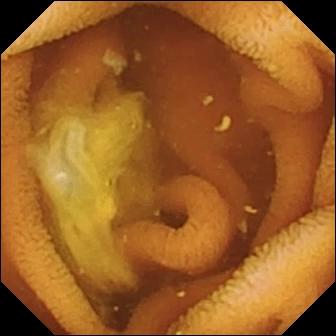WCE — normal clean mucosa.